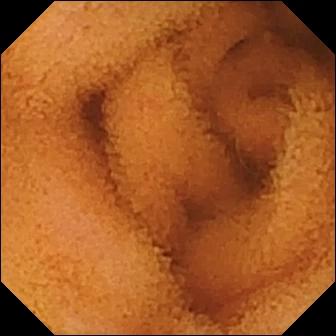This wireless capsule endoscopy still of the small intestine shows normal clean mucosa.